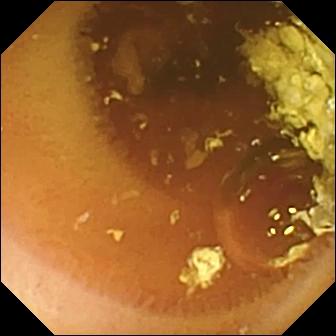PROCEDURE: Video capsule endoscopy.
SEGMENT: Small intestine.
FINDINGS: Normal clean mucosa.